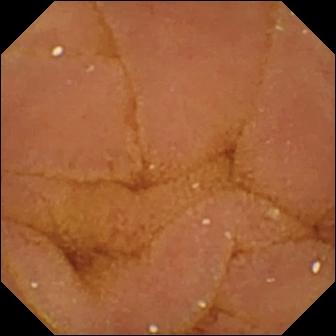VCE still (small intestine). Normal clean mucosa.